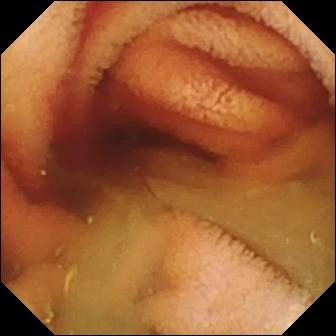Q: What does this capsule endoscopy image show?
A: Fresh blood in the lumen.